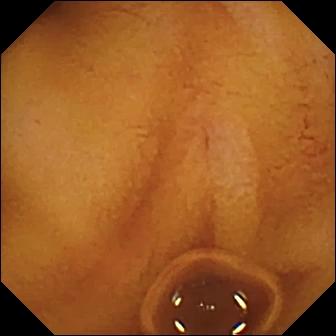- modality: VCE
- segment: small intestine
- category: luminal finding
- observation: normal clean mucosa